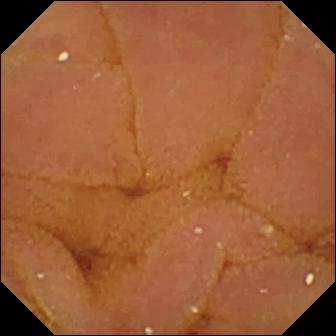Small-bowel capsule endoscopy view. Normal clean mucosa.